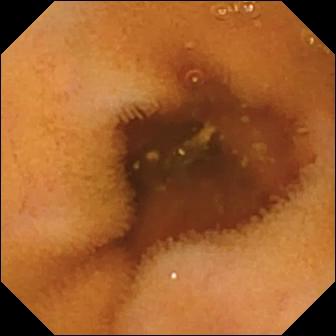Q: What does this WCE image of the small intestine show?
A: Normal clean mucosa.